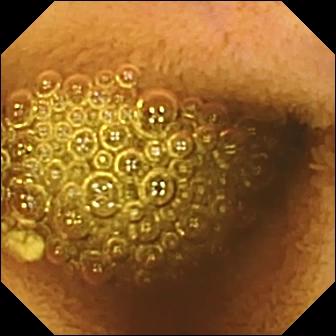WCE. Small bowel. Finding: reduced mucosal view (content or bubbles obscuring the mucosa).